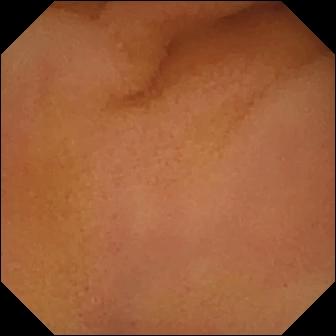Normal clean mucosa — VCE frame of the small bowel.